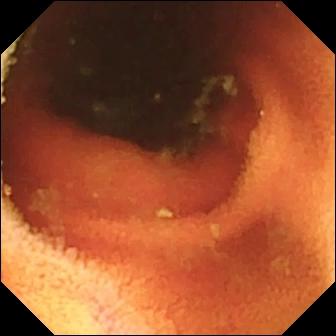Video capsule endoscopy frame taken in the ileo-cecal valve region (the transition from the small bowel to the large bowel).